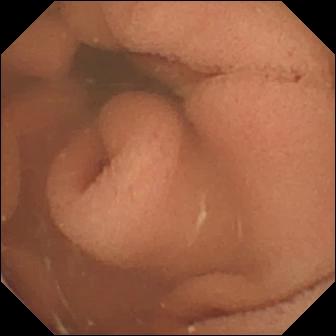Small-bowel capsule endoscopy still. Normal clean mucosa.